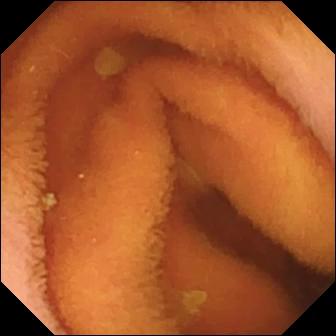Wireless capsule endoscopy frame
Label: normal clean mucosa